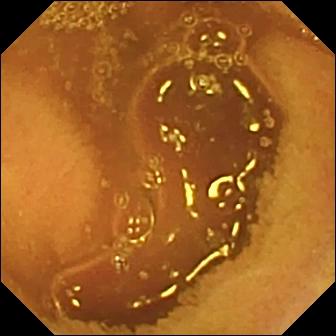Wireless capsule endoscopy. Small intestine. Observation: normal clean mucosa.